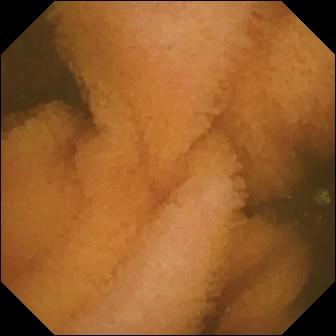Q: What does this small-bowel capsule endoscopy still show?
A: Normal clean mucosa.